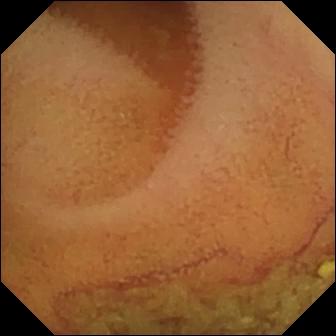Normal clean mucosa.